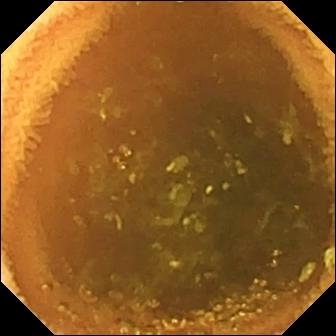Capsule endoscopy still of the small intestine showing normal clean mucosa.